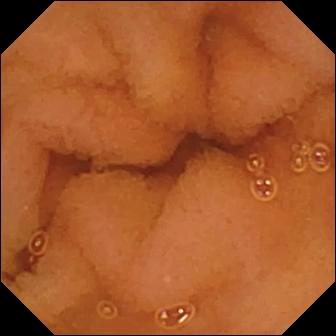Normal clean mucosa.